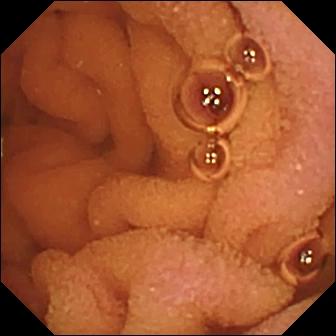Wireless capsule endoscopy. Small bowel. Luminal finding. Label: normal clean mucosa.